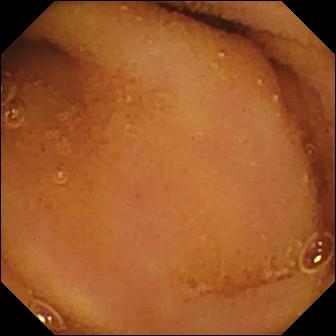Normal clean mucosa — capsule endoscopy frame.